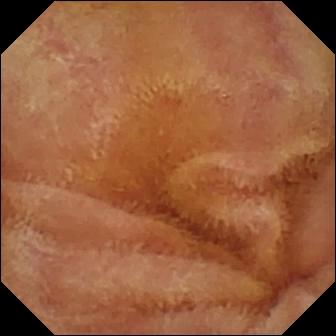{"modality": "WCE", "finding": "normal clean mucosa"}